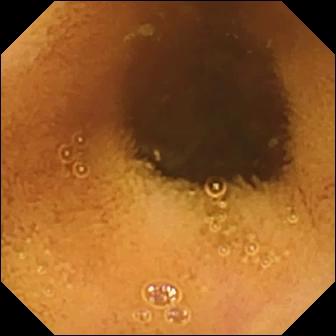VCE view (small intestine), 336×336. Normal clean mucosa.